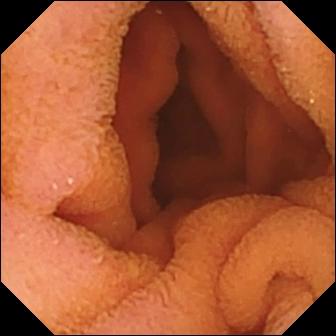PROCEDURE: WCE.
SEGMENT: Small intestine.
FINDINGS: Normal clean mucosa.